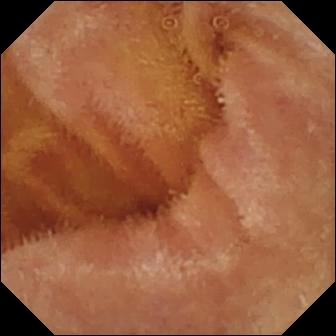Normal clean mucosa — capsule endoscopy snapshot of the small intestine.